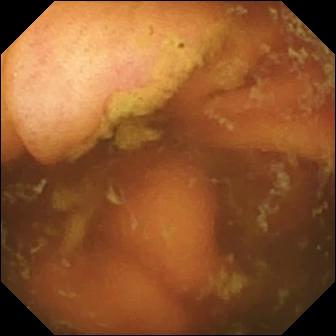Ileo-cecal valve region (where the capsule passes from the small bowel into the large bowel) — video capsule endoscopy snapshot.